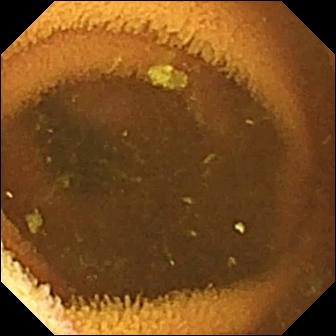Q: What does this small-bowel capsule endoscopy frame show?
A: Normal clean mucosa.